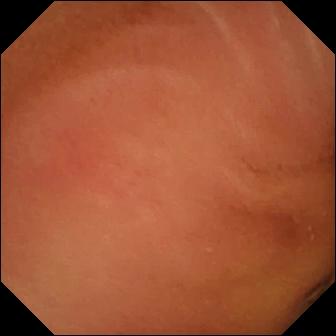{"modality": "WCE", "segment": "small bowel", "finding": "normal clean mucosa"}